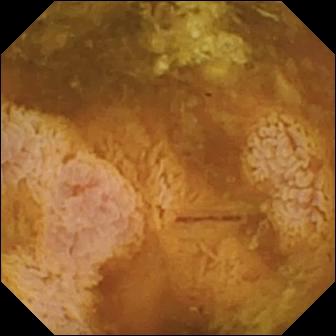- modality: wireless capsule endoscopy
- segment: small bowel
- observation: reduced mucosal view (content or bubbles obscuring the mucosa)